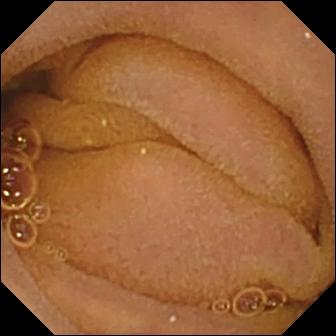- modality: WCE
- segment: small intestine
- label: normal clean mucosa